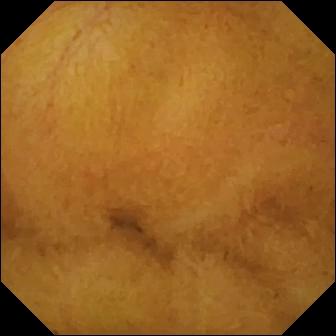- modality: small-bowel capsule endoscopy
- segment: small intestine
- finding: normal clean mucosa